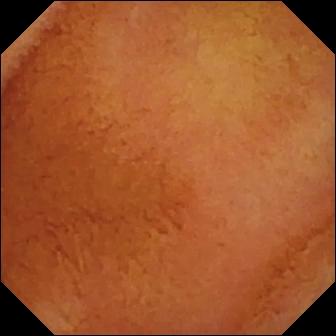modality: video capsule endoscopy | segment: small bowel | impression: normal clean mucosa